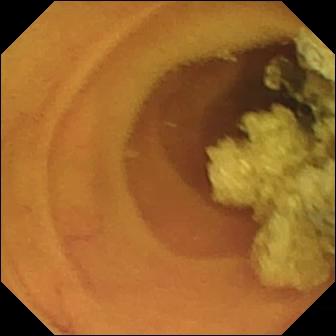Q: What does this video capsule endoscopy image show?
A: Normal clean mucosa.